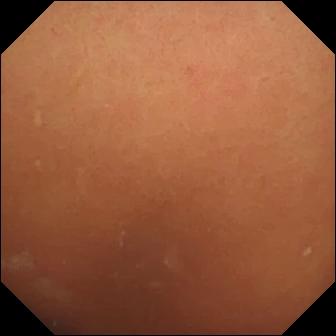Wireless capsule endoscopy. Luminal finding. Finding: normal clean mucosa.